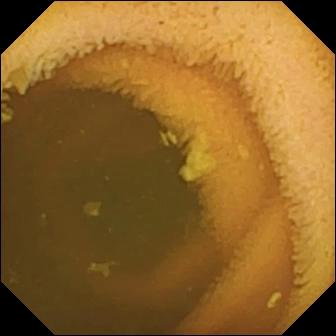modality: small-bowel capsule endoscopy
observation: normal clean mucosa